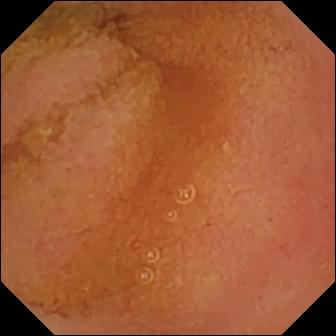Small-bowel capsule endoscopy view showing normal clean mucosa.